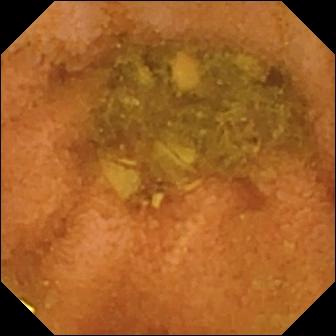{"modality": "capsule endoscopy", "finding": "normal clean mucosa"}